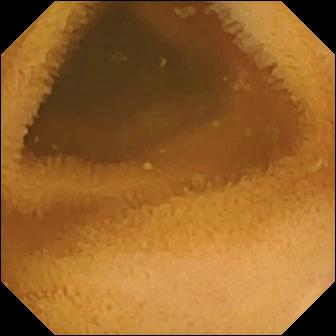PROCEDURE: VCE.
SEGMENT: Small bowel.
FINDINGS: Normal clean mucosa.